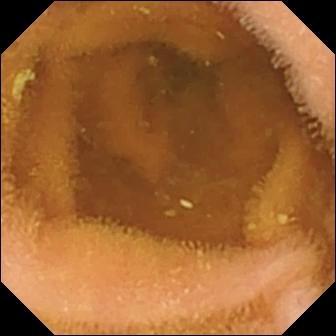Normal clean mucosa — video capsule endoscopy frame of the small bowel.